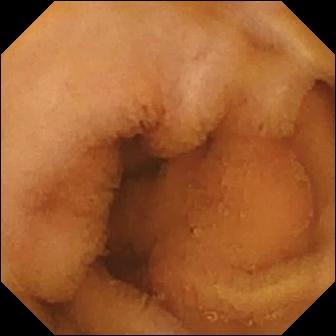PROCEDURE: Small-bowel capsule endoscopy.
FINDINGS: Normal clean mucosa.